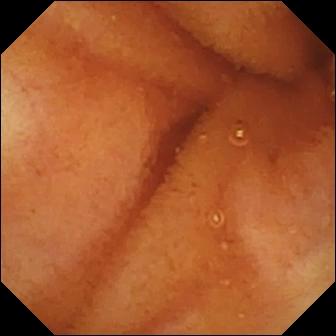VCE — normal clean mucosa.